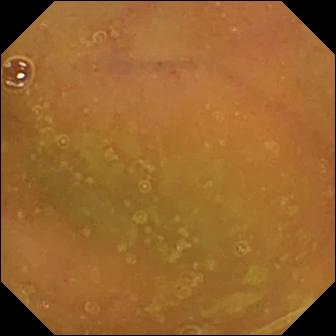WCE snapshot, small bowel
Observation: normal clean mucosa